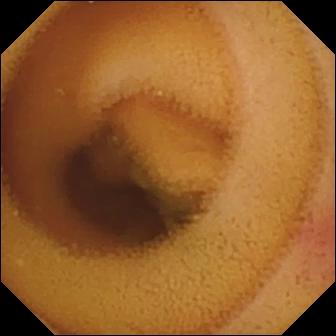This video capsule endoscopy still shows angiectasia.